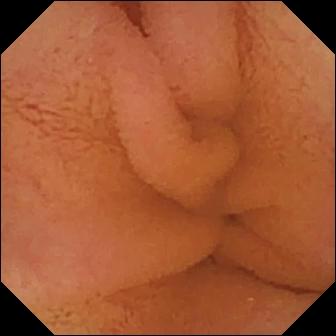Video capsule endoscopy. Small intestine. Observation: normal clean mucosa.